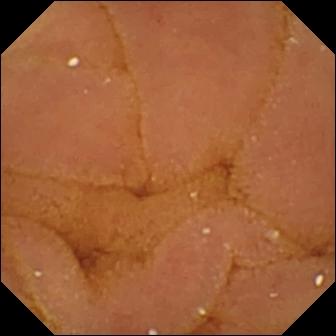Small-bowel capsule endoscopy — normal clean mucosa.